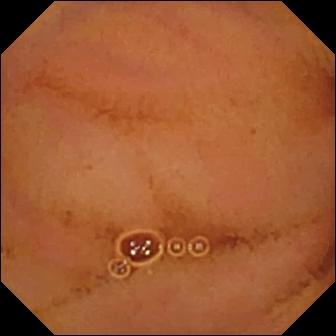PROCEDURE: Video capsule endoscopy.
SEGMENT: Small bowel.
FINDINGS: Normal clean mucosa.